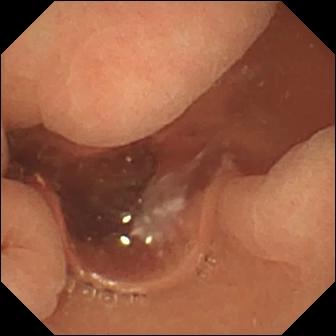Q: What does this VCE image show?
A: Normal clean mucosa.